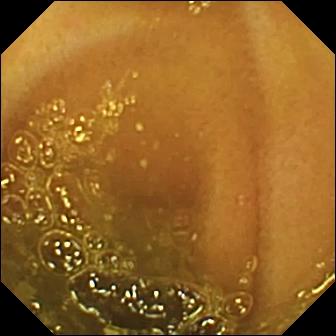PROCEDURE: Video capsule endoscopy.
LOCATION: Ileo-cecal valve region (the transition from the small bowel to the large bowel).